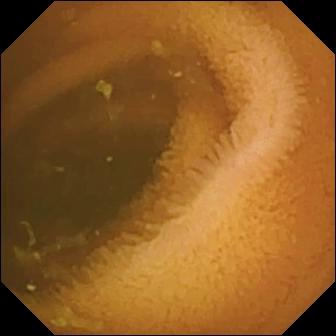Capsule endoscopy — normal clean mucosa.